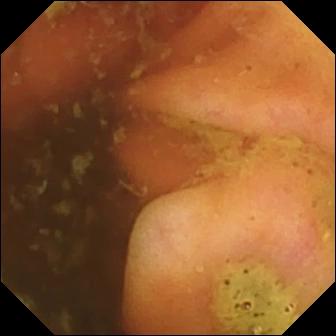Q: Where in the digestive tract was this VCE image taken?
A: Ileo-cecal valve region (where the capsule passes from the small bowel into the large bowel).